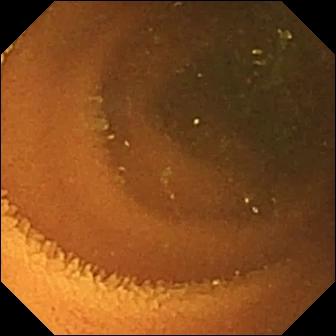Small-bowel capsule endoscopy snapshot showing normal clean mucosa.